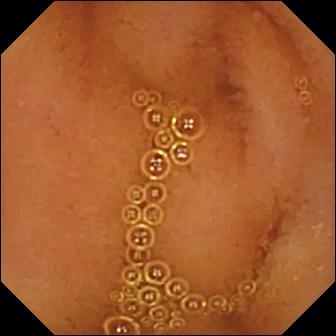Wireless capsule endoscopy image showing normal clean mucosa.